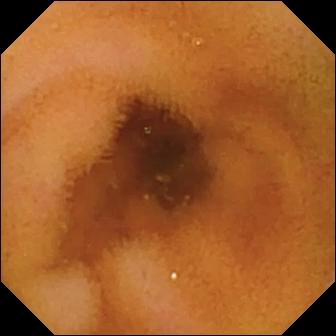modality: video capsule endoscopy | observation: normal clean mucosa